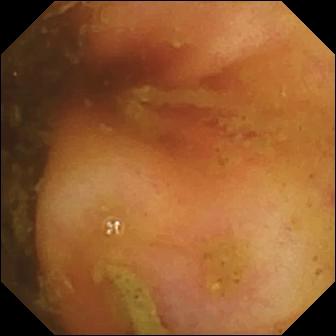Capsule endoscopy snapshot taken in the ileo-cecal valve region (where the capsule passes from the small bowel into the large bowel).